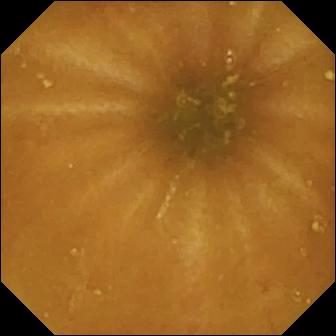Ileo-cecal valve region.